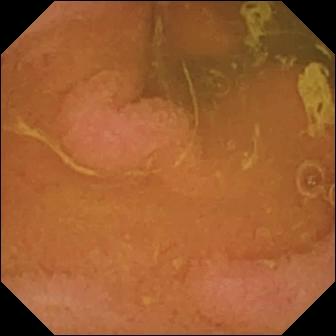VCE snapshot of the small intestine showing normal clean mucosa.